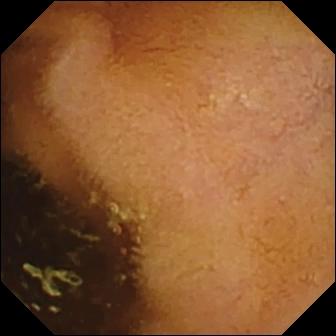{"modality": "small-bowel capsule endoscopy", "finding": "normal clean mucosa"}